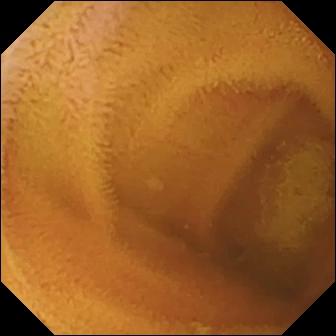Normal clean mucosa (336×336).